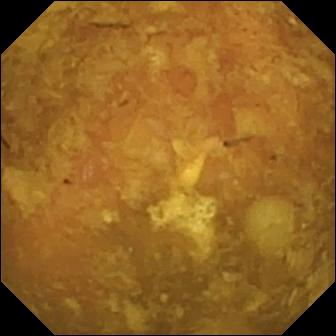Wireless capsule endoscopy image showing reduced mucosal view (content or bubbles obscuring the mucosa).